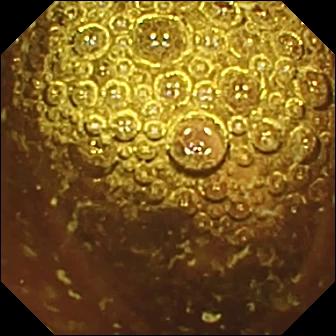Wireless capsule endoscopy frame. Normal clean mucosa.